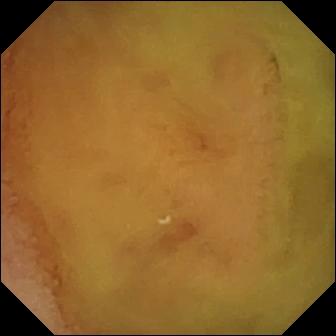Q: What does this small-bowel capsule endoscopy frame show?
A: Normal clean mucosa.